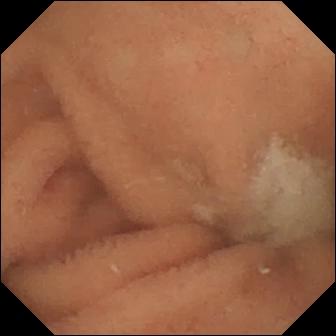WCE — normal clean mucosa.